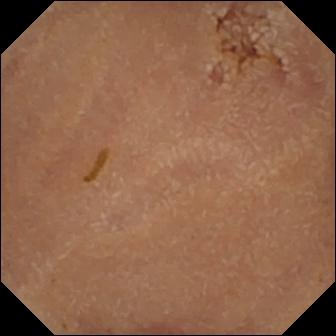Video capsule endoscopy. Small bowel. Finding: normal clean mucosa.